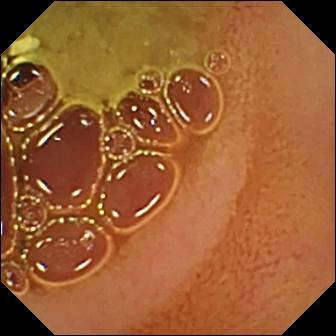Q: What does this video capsule endoscopy snapshot of the small intestine show?
A: Normal clean mucosa.